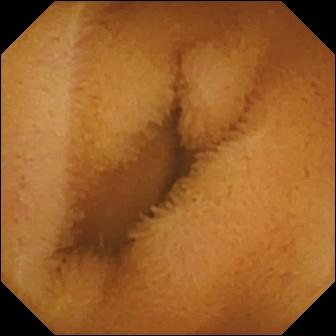This capsule endoscopy snapshot shows normal clean mucosa.